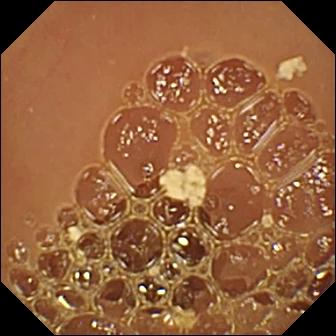WCE snapshot, small intestine
Label: normal clean mucosa